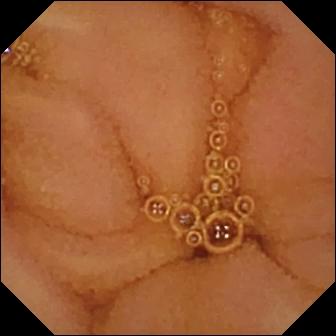Video capsule endoscopy image of the small bowel showing normal clean mucosa.